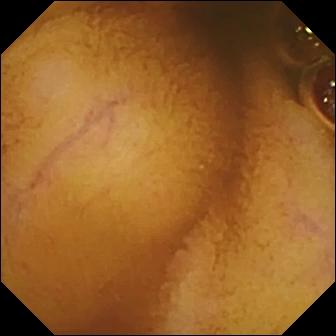Normal clean mucosa (336×336).